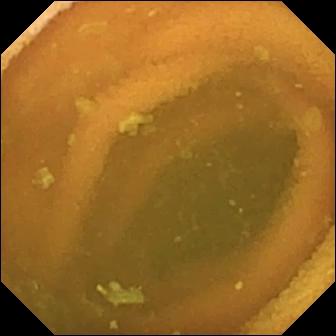Q: What does this WCE image of the small intestine show?
A: Normal clean mucosa.